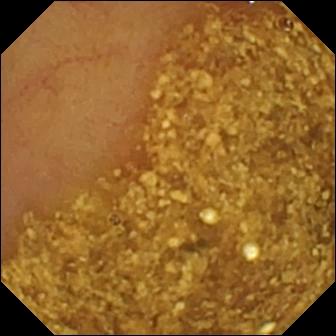Capsule endoscopy snapshot. Taken in the ileo-cecal valve region (the transition from the small bowel to the large bowel).